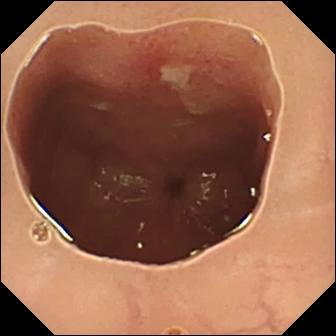VCE. Luminal finding. Observation: ulcer.